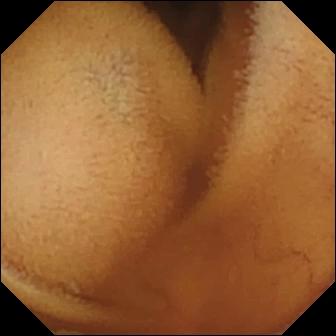Small-bowel capsule endoscopy snapshot
Finding: normal clean mucosa